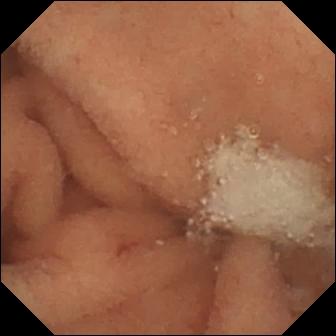Q: What does this WCE view show?
A: Normal clean mucosa.